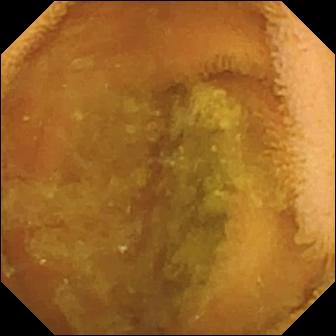Small-bowel capsule endoscopy image of the small bowel showing normal clean mucosa.